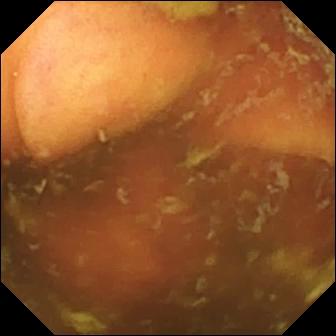{"modality": "small-bowel capsule endoscopy", "location": "ileo-cecal valve region (where the capsule passes from the small bowel into the large bowel)"}